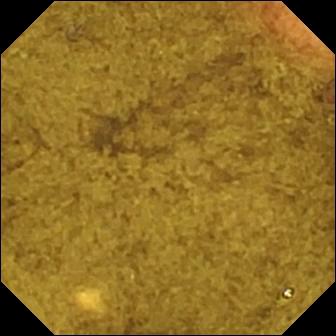This VCE image was taken in the ileo-cecal valve region (the transition from the small bowel to the large bowel).